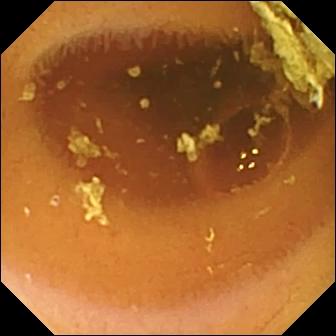PROCEDURE: Wireless capsule endoscopy.
FINDINGS: Normal clean mucosa.